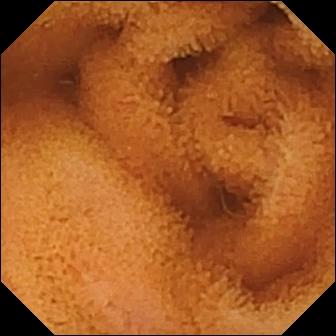Video capsule endoscopy. Small bowel. Label: normal clean mucosa.